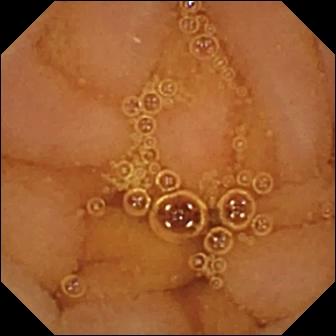Normal clean mucosa.